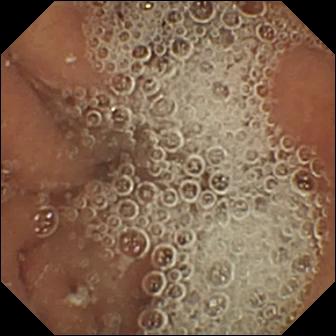Pylorus region (where the capsule passes from the stomach into the small bowel).